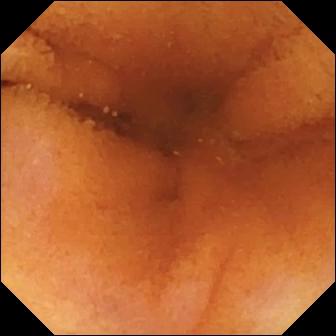Q: What does this wireless capsule endoscopy still show?
A: Normal clean mucosa.